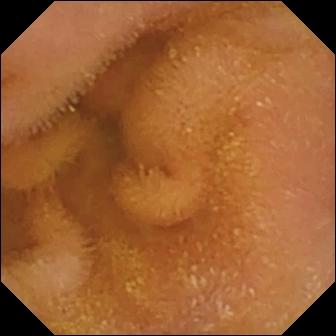modality: capsule endoscopy | label: normal clean mucosa